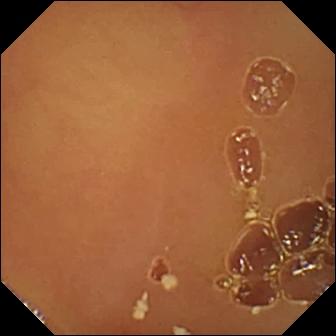Small-bowel capsule endoscopy still showing normal clean mucosa.